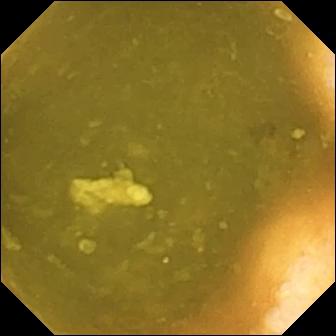{"modality": "WCE", "position": "ileo-cecal valve region (the transition from the small bowel to the large bowel)"}